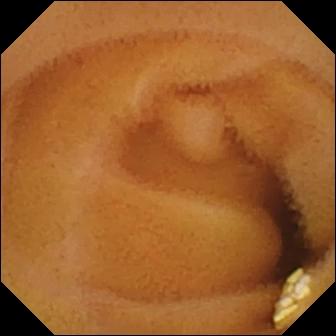Wireless capsule endoscopy view
Observation: lymphangiectasia